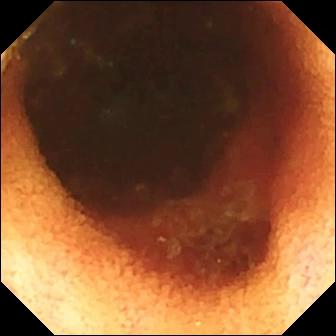VCE snapshot taken in the ileo-cecal valve region (the transition from the small bowel to the large bowel).